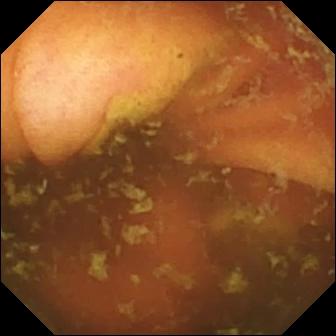This VCE still was taken in the ileo-cecal valve region.